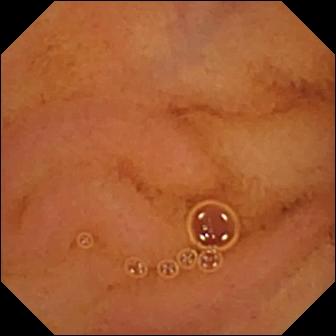WCE. Luminal finding. Observation: normal clean mucosa.